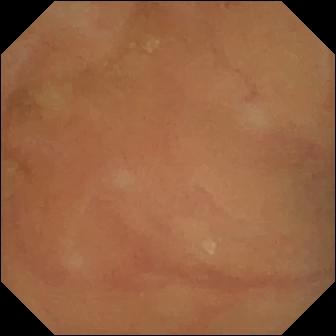Wireless capsule endoscopy still, small bowel
Observation: normal clean mucosa